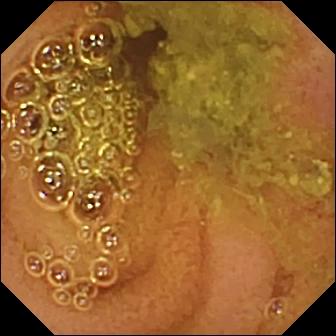Small-bowel capsule endoscopy frame (small intestine). Normal clean mucosa.